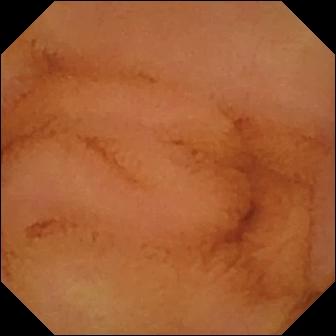Video capsule endoscopy — normal clean mucosa.